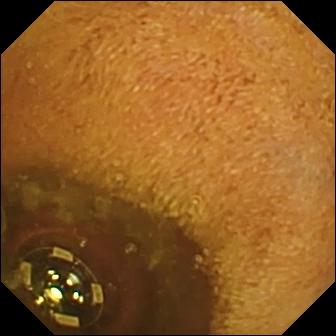Video capsule endoscopy. Observation: foreign body (e.g. retained capsule, tablet residue).